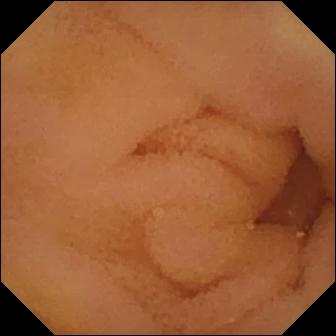modality: small-bowel capsule endoscopy; segment: small intestine; category: luminal finding; finding: normal clean mucosa